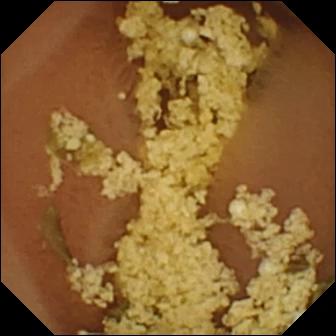Wireless capsule endoscopy still, small bowel
Label: normal clean mucosa